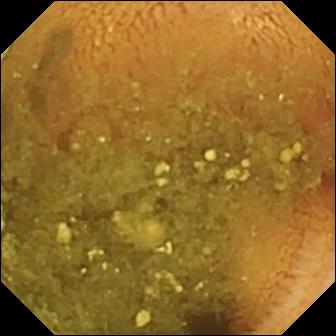Reduced mucosal view (content or bubbles obscuring the mucosa) — small-bowel capsule endoscopy still.